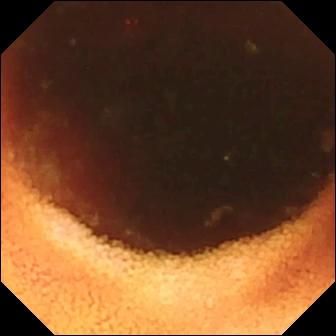- modality: capsule endoscopy
- video segment: ileo-cecal valve region